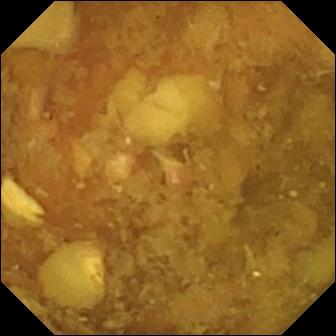{"modality": "wireless capsule endoscopy", "segment": "small intestine", "finding": "reduced mucosal view (content or bubbles obscuring the mucosa)"}